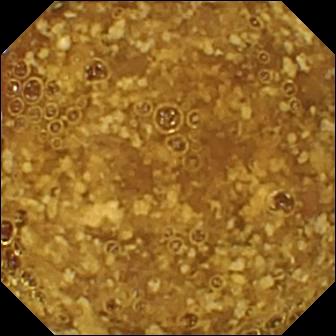modality: video capsule endoscopy | finding: reduced mucosal view (content or bubbles obscuring the mucosa)